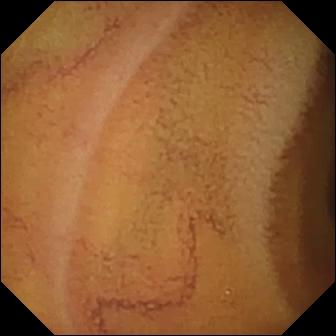Normal clean mucosa (336×336).